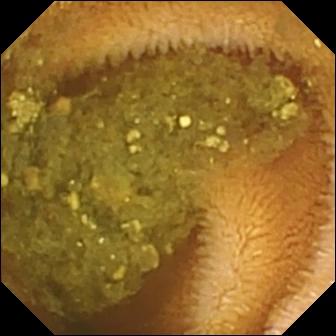This small-bowel capsule endoscopy snapshot of the small bowel shows reduced mucosal view (content or bubbles obscuring the mucosa).